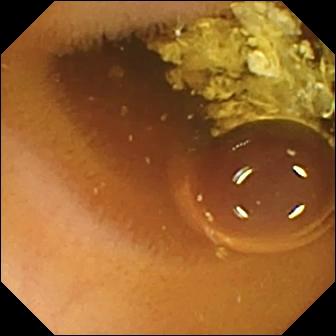Q: What does this WCE snapshot show?
A: Normal clean mucosa.